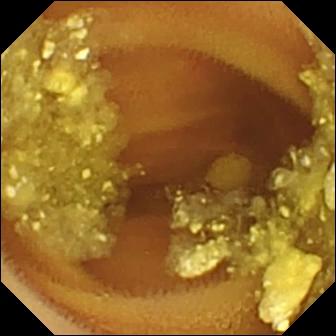modality: small-bowel capsule endoscopy
category: luminal finding
finding: lymphangiectasia